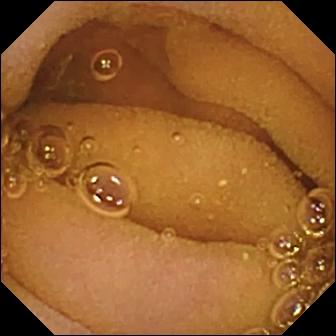This VCE image of the small bowel shows normal clean mucosa.